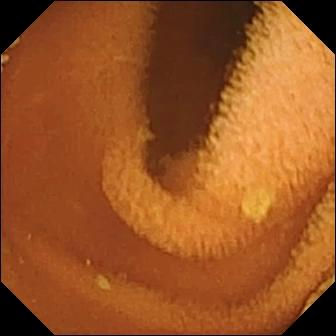Normal clean mucosa.